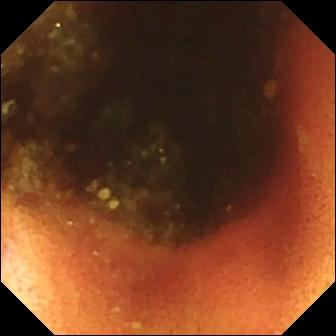{"modality": "VCE", "position": "ileo-cecal valve region"}